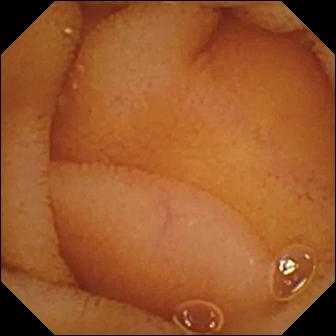Wireless capsule endoscopy snapshot (small intestine). Normal clean mucosa.